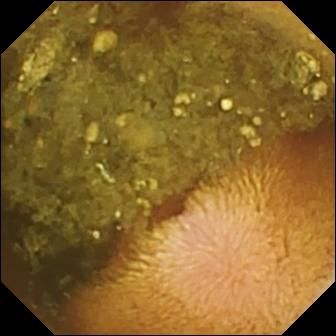WCE still of the small bowel showing reduced mucosal view (content or bubbles obscuring the mucosa).